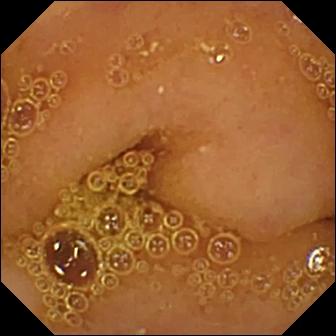VCE frame, small bowel
Finding: normal clean mucosa